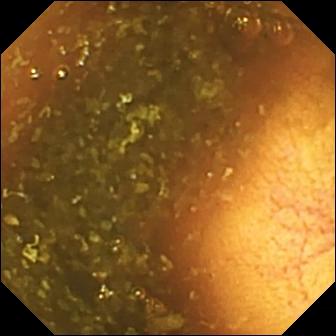modality: capsule endoscopy; position: ileo-cecal valve region (the transition from the small bowel to the large bowel)